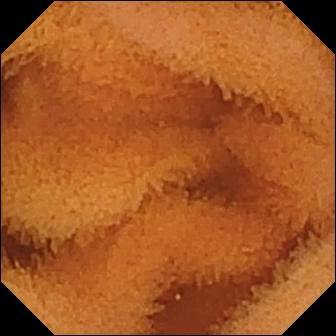PROCEDURE: Wireless capsule endoscopy.
SEGMENT: Small bowel.
FINDINGS: Normal clean mucosa.